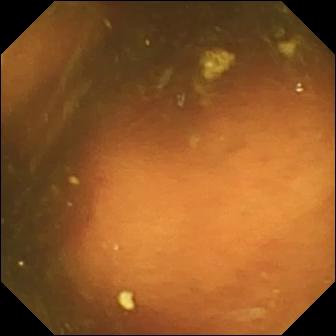Video capsule endoscopy — ileo-cecal valve region (where the capsule passes from the small bowel into the large bowel).